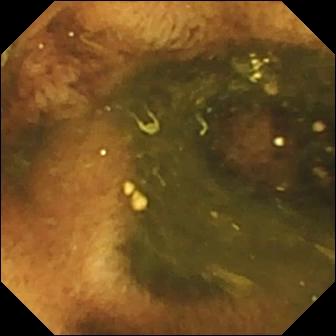modality: capsule endoscopy | location: ileo-cecal valve region (the transition from the small bowel to the large bowel)